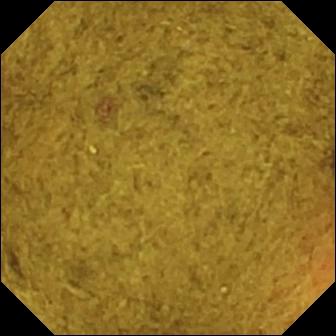Capsule endoscopy. Video segment: ileo-cecal valve region.